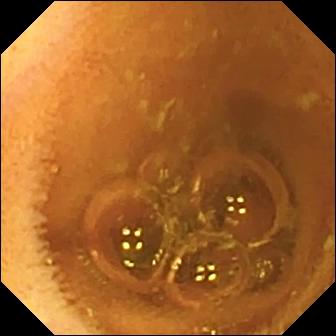This video capsule endoscopy still shows normal clean mucosa.